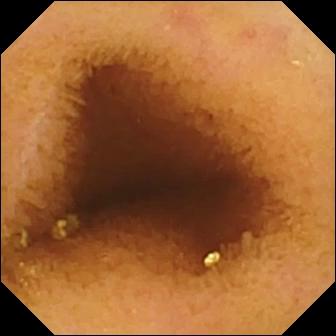Small-bowel capsule endoscopy. Small bowel. Luminal finding. Impression: normal clean mucosa.